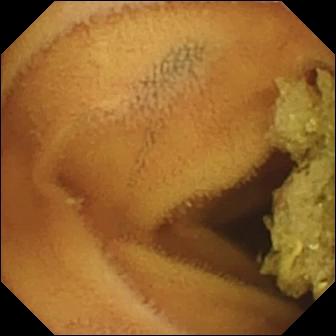Normal clean mucosa — wireless capsule endoscopy still of the small intestine.